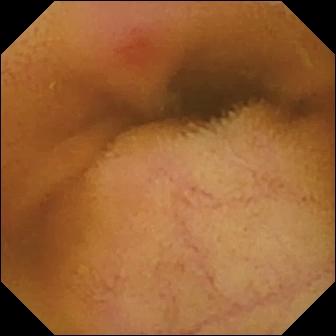- modality: WCE
- impression: erythema (mucosal redness)